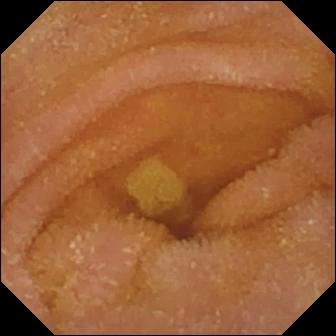Small-bowel capsule endoscopy snapshot, small intestine
Label: normal clean mucosa